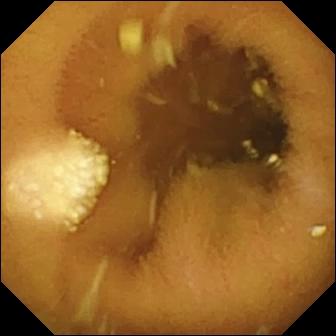Wireless capsule endoscopy still. Lymphangiectasia.